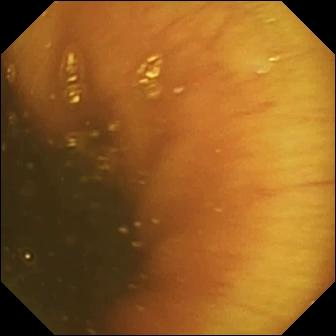Ileo-cecal valve region (the transition from the small bowel to the large bowel) — WCE snapshot.